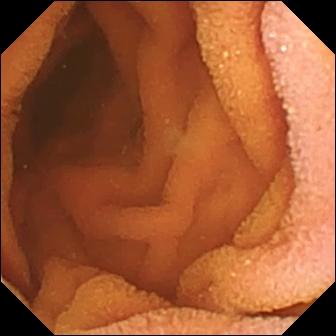PROCEDURE: VCE.
SEGMENT: Small bowel.
FINDINGS: Normal clean mucosa.